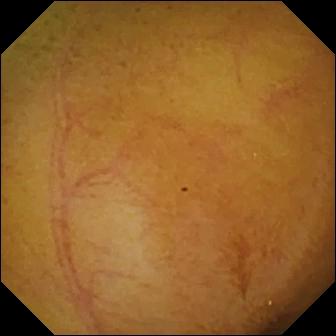- modality: small-bowel capsule endoscopy
- segment: small intestine
- label: normal clean mucosa